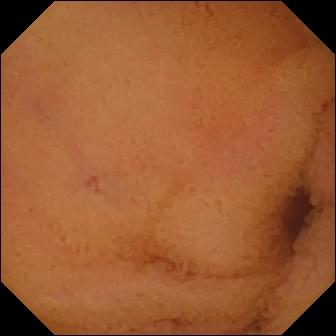VCE image
Finding: normal clean mucosa